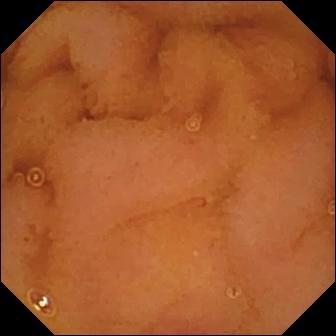WCE. Small bowel. Luminal finding. Impression: normal clean mucosa.